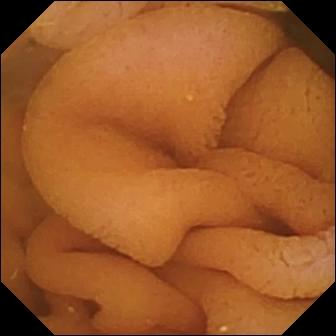modality: VCE | finding: normal clean mucosa